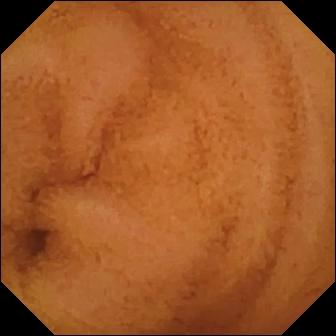Normal clean mucosa (336×336).